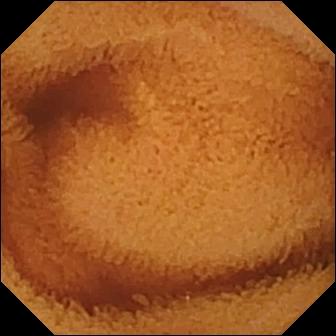modality: VCE
segment: small bowel
category: luminal finding
impression: normal clean mucosa